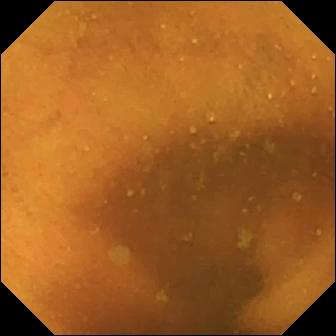Normal clean mucosa — capsule endoscopy frame.